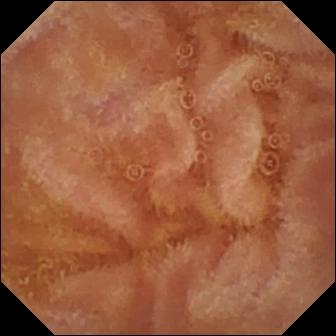- modality: video capsule endoscopy
- segment: small intestine
- impression: normal clean mucosa